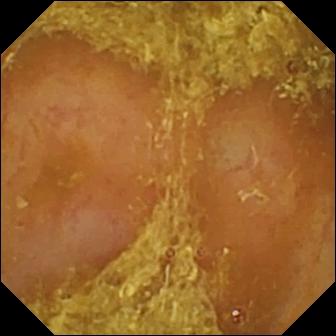Q: What does this VCE view show?
A: Reduced mucosal view (content or bubbles obscuring the mucosa).